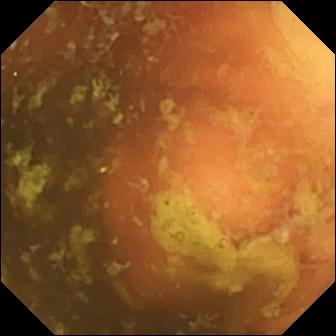{"modality": "small-bowel capsule endoscopy", "location": "ileo-cecal valve region"}